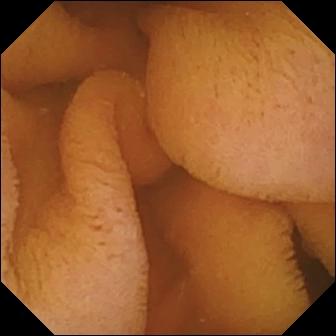WCE still. Normal clean mucosa.